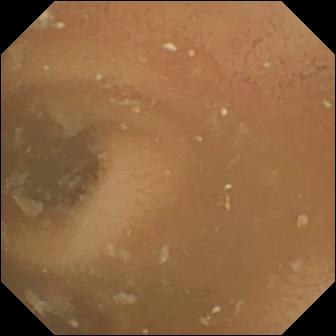Capsule endoscopy still (small intestine). Normal clean mucosa.